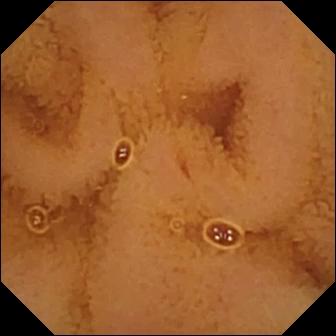Video capsule endoscopy view of the small intestine showing normal clean mucosa.